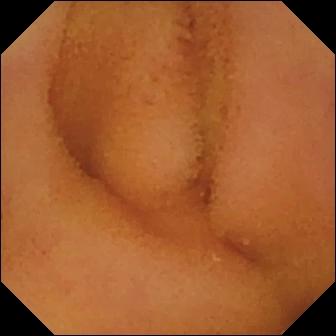Wireless capsule endoscopy snapshot, small bowel
Finding: normal clean mucosa